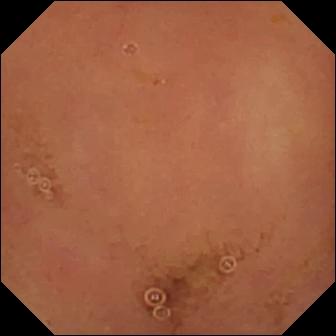Normal clean mucosa.